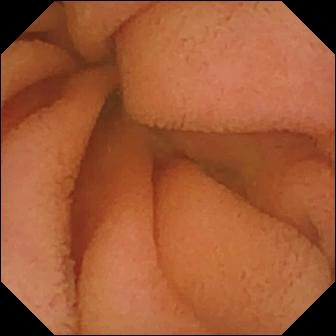Small-bowel capsule endoscopy view of the small bowel showing normal clean mucosa.